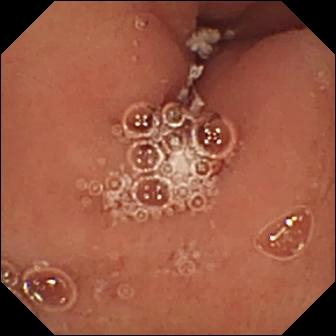PROCEDURE: Video capsule endoscopy.
LOCATION: Pylorus region.